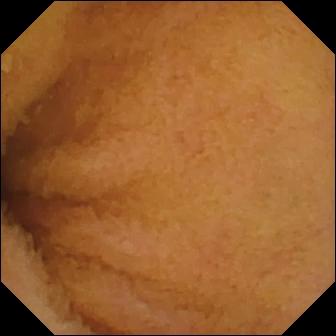- modality: small-bowel capsule endoscopy
- segment: small bowel
- label: normal clean mucosa